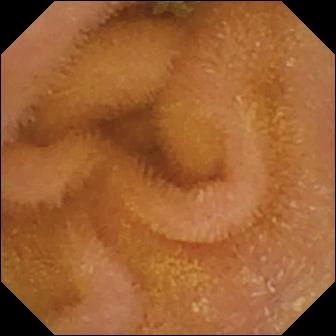- modality: small-bowel capsule endoscopy
- segment: small intestine
- finding: normal clean mucosa